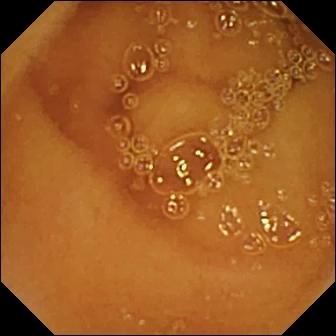WCE. Label: normal clean mucosa.